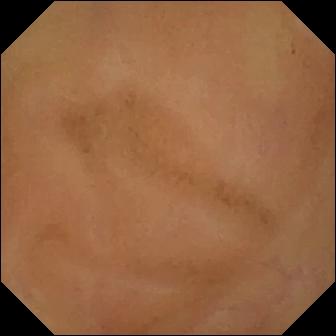Normal clean mucosa — wireless capsule endoscopy view.